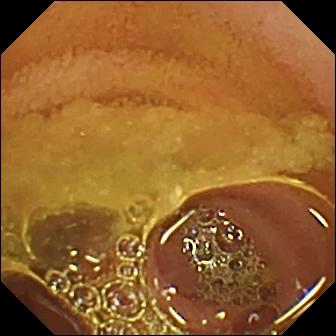Video capsule endoscopy. Small intestine. Impression: normal clean mucosa.